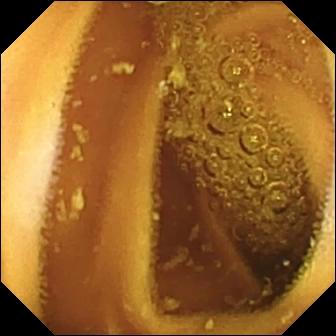PROCEDURE: Video capsule endoscopy.
FINDINGS: Normal clean mucosa.